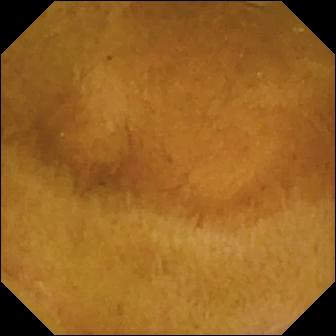Normal clean mucosa.